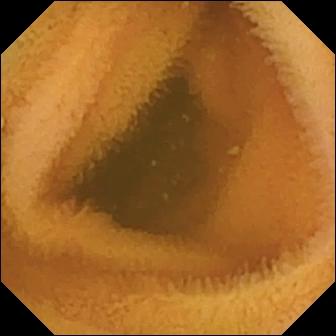modality: VCE | segment: small bowel | observation: normal clean mucosa